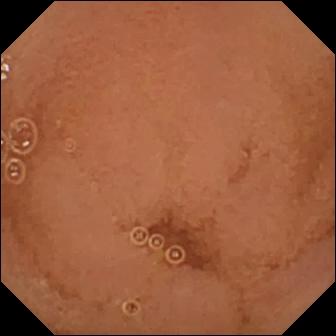Capsule endoscopy snapshot of the small bowel showing normal clean mucosa.